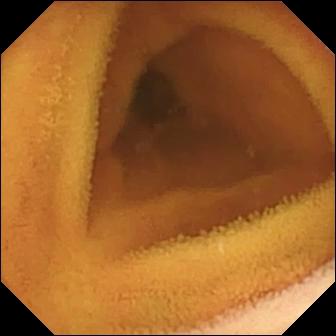{"modality": "video capsule endoscopy", "segment": "small bowel", "finding": "normal clean mucosa"}